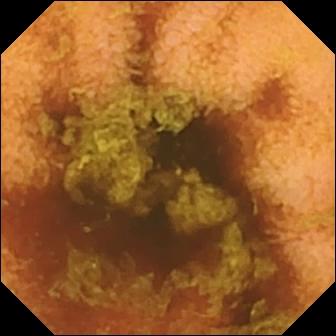modality: small-bowel capsule endoscopy | segment: small intestine | observation: normal clean mucosa